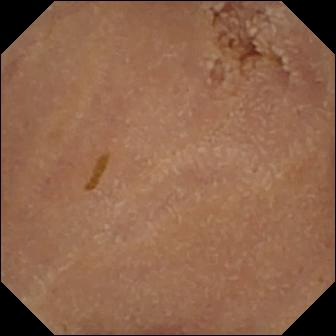Q: What does this WCE snapshot show?
A: Normal clean mucosa.